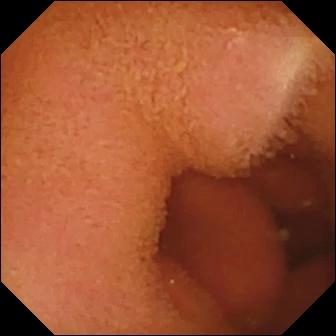Small-bowel capsule endoscopy — normal clean mucosa.